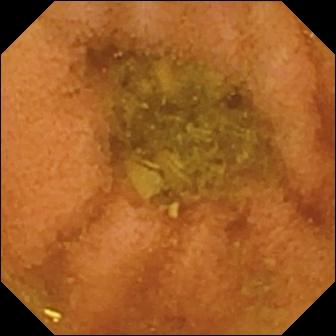Video capsule endoscopy view, small bowel
Label: normal clean mucosa